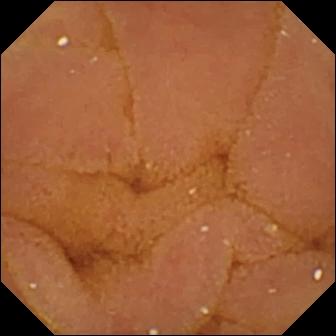modality: capsule endoscopy | finding: normal clean mucosa